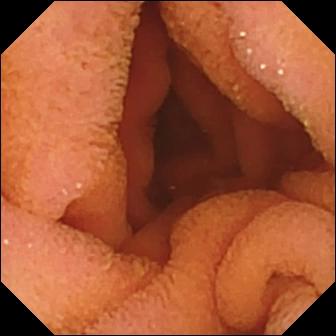Normal clean mucosa.